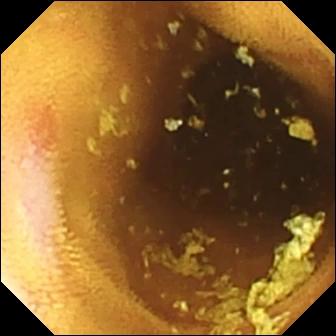This small-bowel capsule endoscopy still shows erosion.